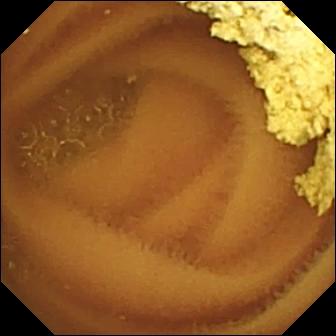PROCEDURE: Video capsule endoscopy.
FINDINGS: Normal clean mucosa.